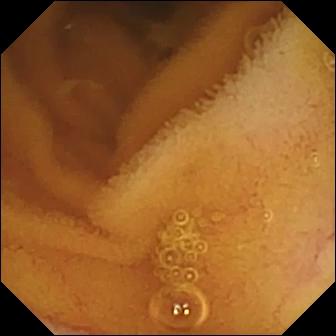PROCEDURE: Capsule endoscopy.
FINDINGS: Normal clean mucosa.